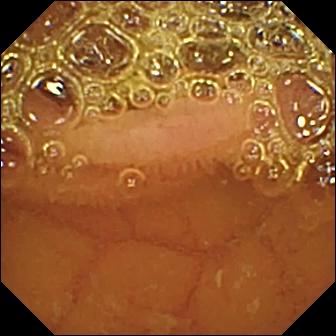This video capsule endoscopy frame shows normal clean mucosa.